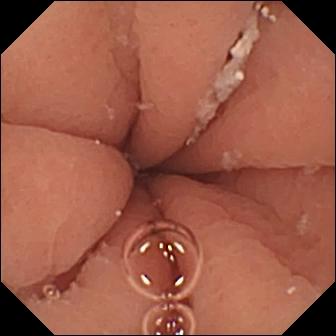VCE frame taken in the pylorus region (where the capsule passes from the stomach into the small bowel).